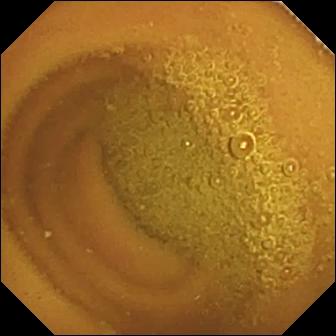This wireless capsule endoscopy snapshot shows normal clean mucosa.